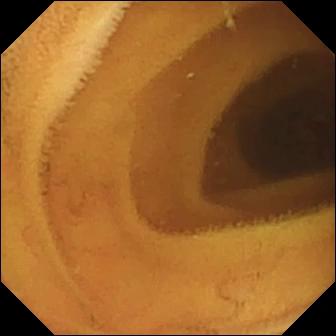Normal clean mucosa.